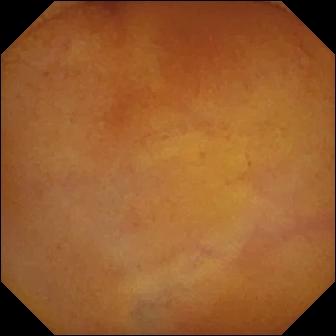Wireless capsule endoscopy frame of the small intestine showing normal clean mucosa.